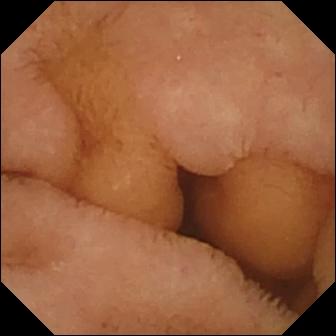Small-bowel capsule endoscopy. Small intestine. Observation: normal clean mucosa.